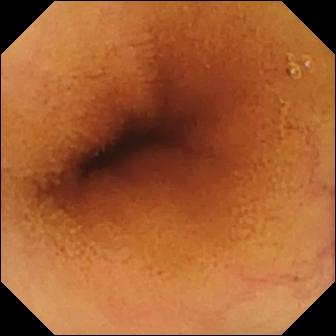{"modality": "video capsule endoscopy", "category": "luminal finding", "finding": "normal clean mucosa"}